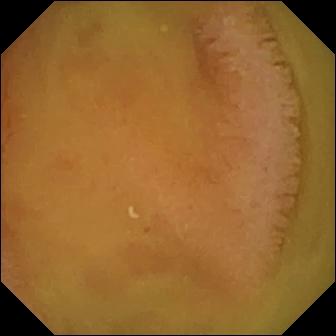Wireless capsule endoscopy snapshot of the small bowel showing normal clean mucosa.